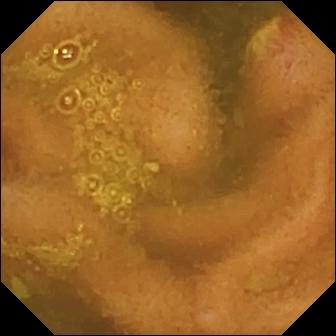PROCEDURE: VCE.
FINDINGS: Ulcer.